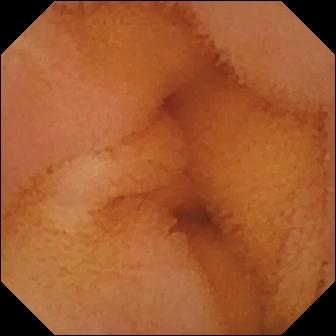{"modality": "WCE", "finding": "normal clean mucosa"}